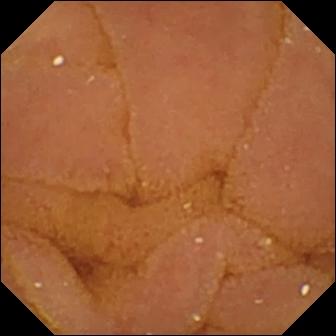PROCEDURE: Capsule endoscopy.
FINDINGS: Normal clean mucosa.